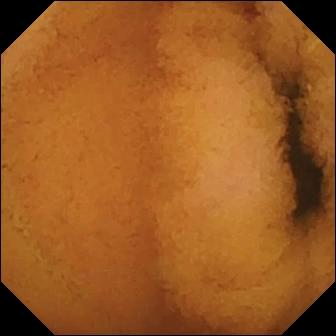modality: WCE; segment: small bowel; label: normal clean mucosa